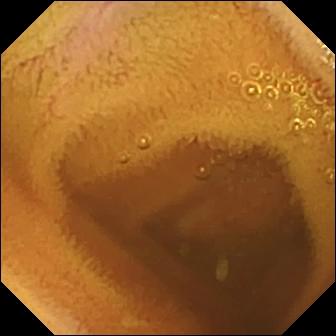Normal clean mucosa — WCE still of the small intestine.